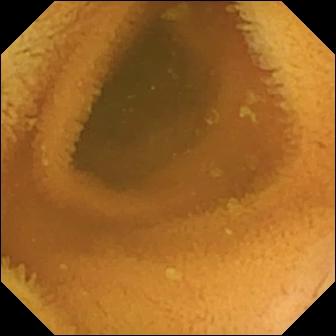VCE. Small bowel. Finding: normal clean mucosa.